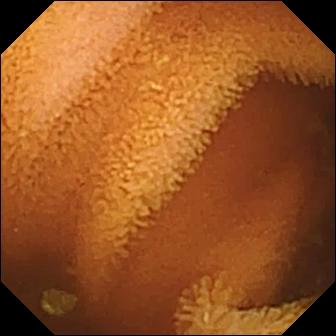WCE view. Normal clean mucosa.